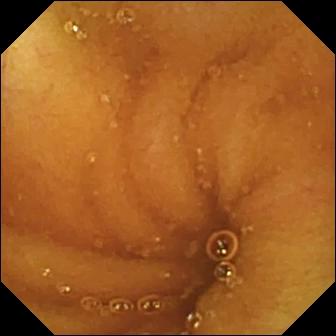Q: What does this video capsule endoscopy snapshot show?
A: Normal clean mucosa.